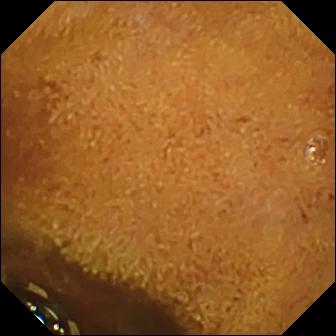Foreign body (e.g. retained capsule, tablet residue).